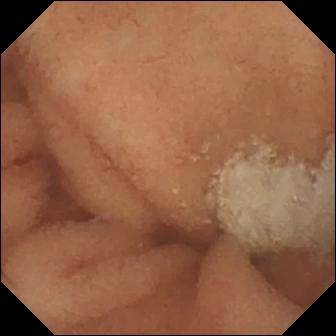modality: WCE; segment: small intestine; category: luminal finding; finding: normal clean mucosa